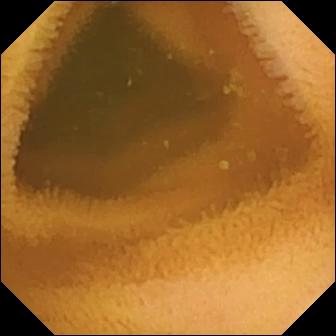This video capsule endoscopy view of the small bowel shows normal clean mucosa.